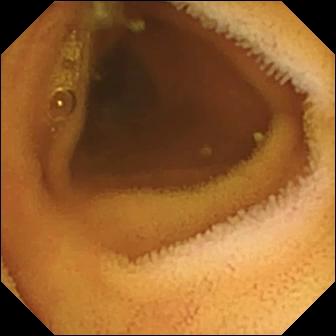{"modality": "video capsule endoscopy", "category": "luminal finding", "finding": "normal clean mucosa"}